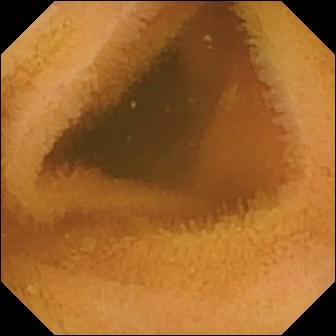VCE — normal clean mucosa.